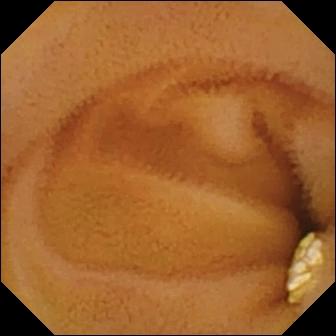This capsule endoscopy snapshot shows lymphangiectasia.